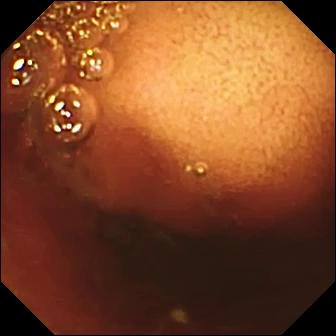modality: VCE; category: anatomical landmark; label: ileo-cecal valve region (the transition from the small bowel to the large bowel)